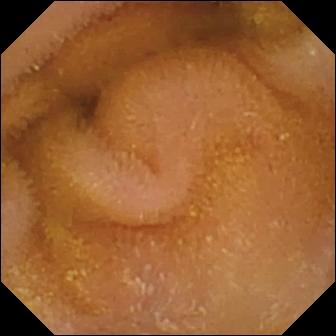- modality: capsule endoscopy
- label: normal clean mucosa